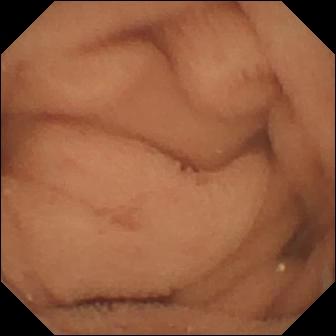Video capsule endoscopy — normal clean mucosa.